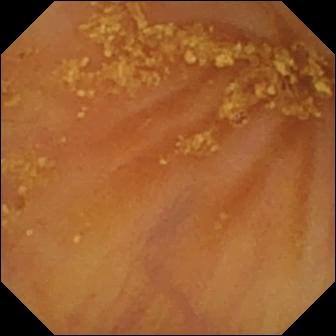modality: video capsule endoscopy | location: ileo-cecal valve region